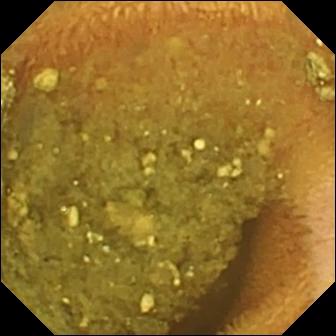{"modality": "VCE", "segment": "small bowel", "category": "luminal finding", "finding": "reduced mucosal view (content or bubbles obscuring the mucosa)"}